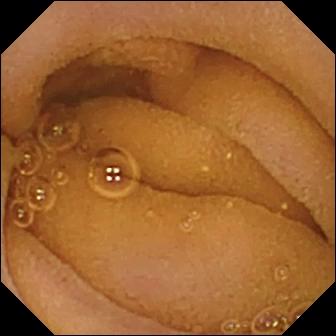modality: wireless capsule endoscopy | segment: small bowel | finding: normal clean mucosa